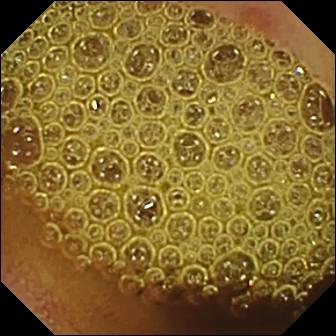Erosion (336×336).